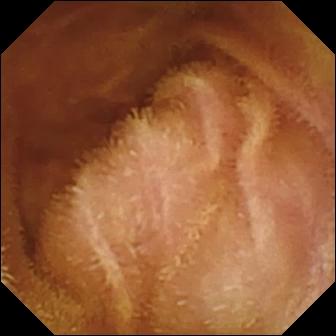Normal clean mucosa — wireless capsule endoscopy image.